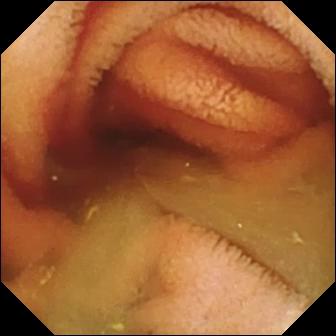Capsule endoscopy snapshot showing fresh blood in the lumen.